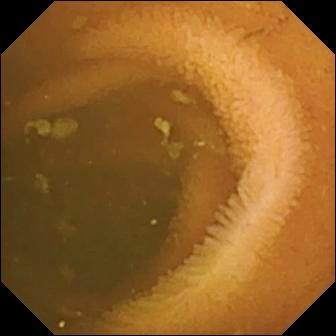Small-bowel capsule endoscopy still
Label: normal clean mucosa